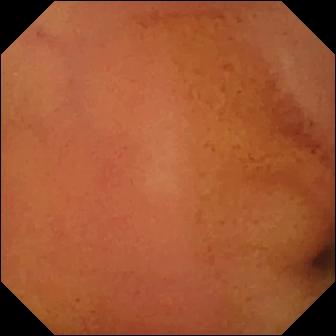{"modality": "capsule endoscopy", "finding": "normal clean mucosa"}